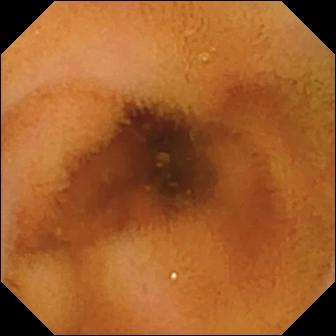modality: small-bowel capsule endoscopy | impression: normal clean mucosa